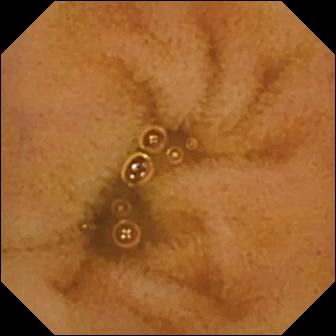Q: What does this WCE snapshot of the small bowel show?
A: Normal clean mucosa.